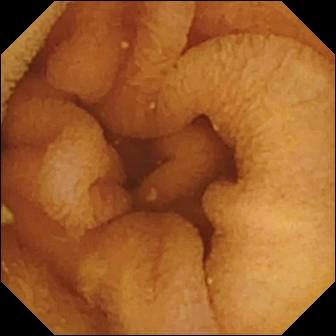This video capsule endoscopy view shows normal clean mucosa.